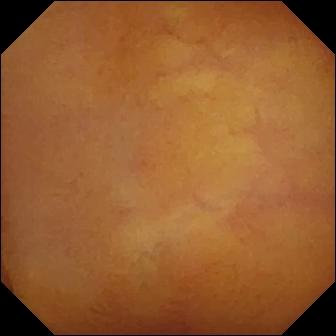- modality: wireless capsule endoscopy
- finding: normal clean mucosa